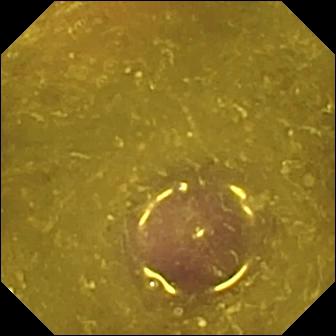This wireless capsule endoscopy still shows reduced mucosal view (content or bubbles obscuring the mucosa).